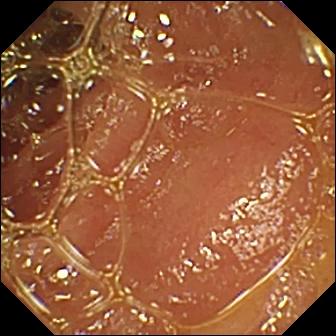Video capsule endoscopy. Label: normal clean mucosa.